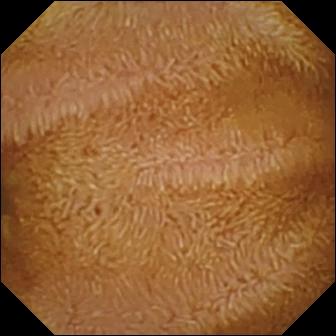PROCEDURE: VCE.
SEGMENT: Small bowel.
FINDINGS: Normal clean mucosa.